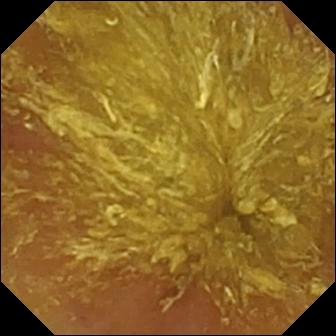Small-bowel capsule endoscopy still (small bowel). Reduced mucosal view (content or bubbles obscuring the mucosa).